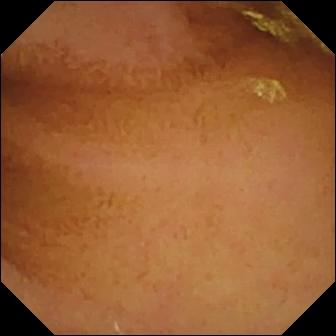Capsule endoscopy snapshot showing normal clean mucosa.